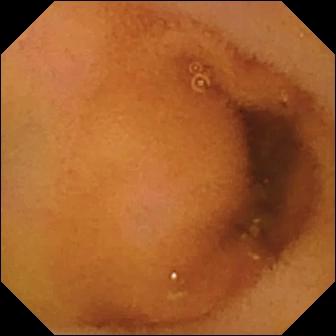Q: What does this capsule endoscopy still show?
A: Normal clean mucosa.